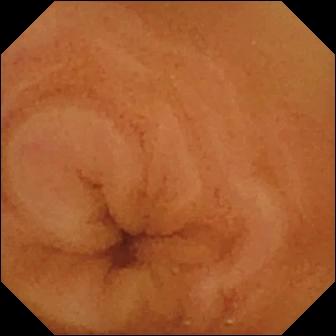WCE image (small bowel). Normal clean mucosa.